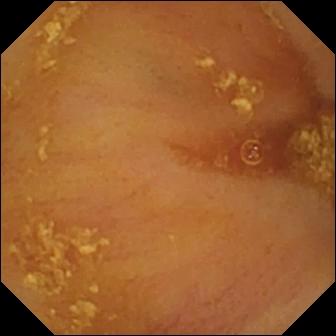WCE image. Taken in the ileo-cecal valve region (where the capsule passes from the small bowel into the large bowel).